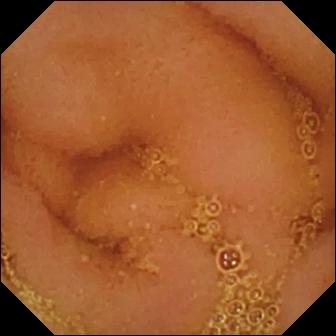Capsule endoscopy image showing normal clean mucosa.